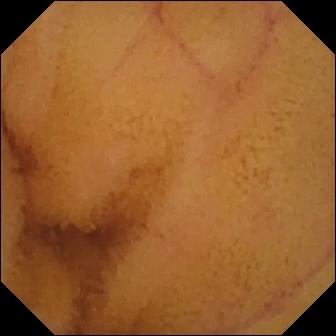{"modality": "VCE", "finding": "normal clean mucosa"}